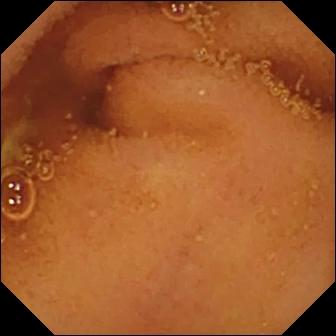VCE. Label: normal clean mucosa.